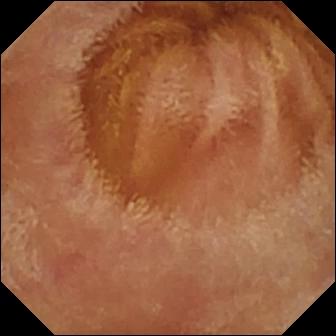- modality: VCE
- segment: small bowel
- observation: normal clean mucosa